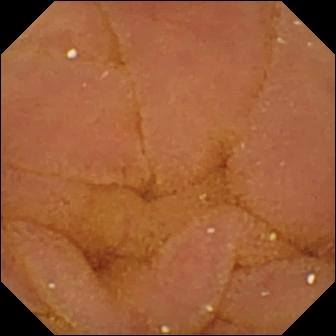modality: small-bowel capsule endoscopy | segment: small bowel | label: normal clean mucosa